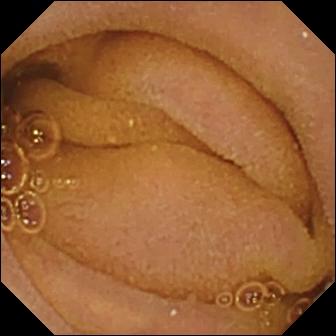This capsule endoscopy image of the small intestine shows normal clean mucosa.